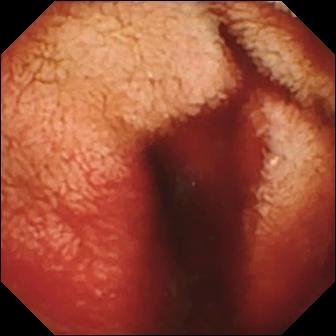PROCEDURE: Small-bowel capsule endoscopy.
FINDINGS: Fresh blood in the lumen.